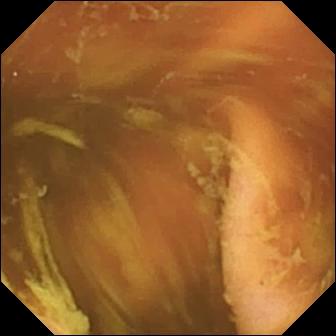- modality: small-bowel capsule endoscopy
- category: anatomical landmark
- label: ileo-cecal valve region (the transition from the small bowel to the large bowel)